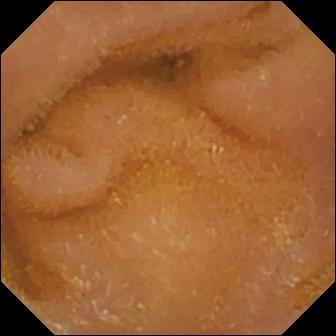WCE. Label: normal clean mucosa.